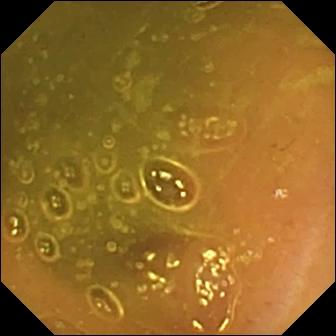WCE image, 336×336. Taken in the ileo-cecal valve region (where the capsule passes from the small bowel into the large bowel).